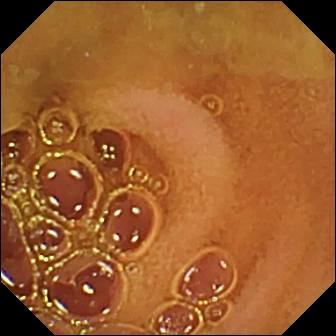Capsule endoscopy. Small intestine. Finding: normal clean mucosa.